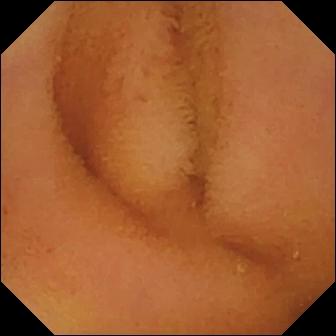This WCE view of the small bowel shows normal clean mucosa.